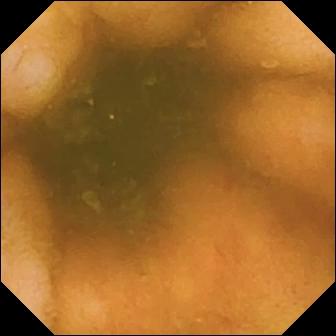PROCEDURE: Wireless capsule endoscopy.
VIDEO SEGMENT: Ileo-cecal valve region.